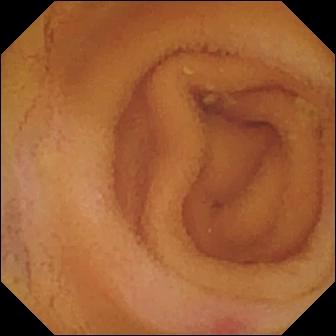VCE still. Angiectasia.